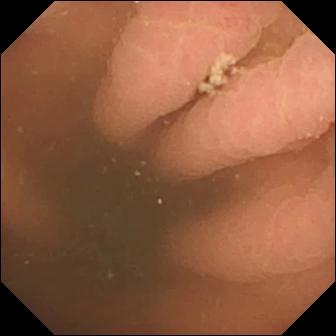WCE frame taken in the pylorus region.